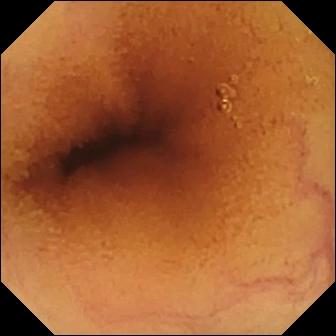Wireless capsule endoscopy still of the small bowel showing normal clean mucosa.